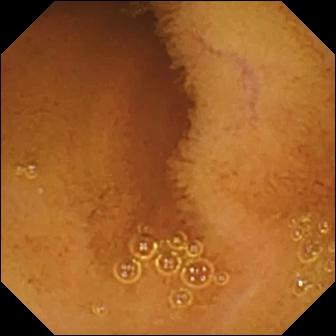WCE still, small intestine
Observation: normal clean mucosa